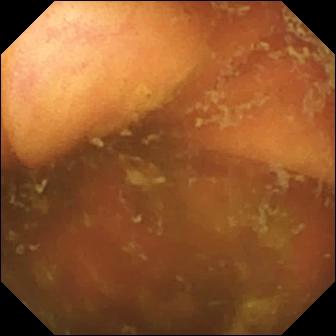Q: Where in the digestive tract was this small-bowel capsule endoscopy frame taken?
A: Ileo-cecal valve region.